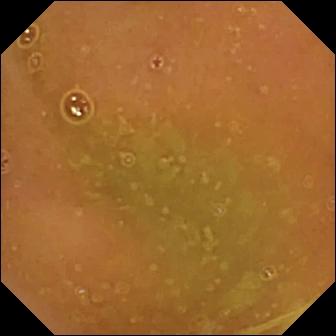{"modality": "VCE", "segment": "small bowel", "finding": "normal clean mucosa"}